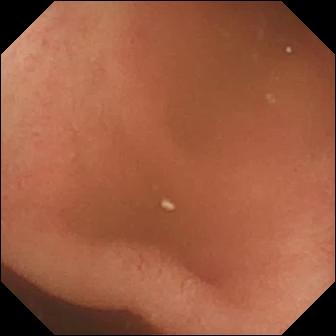modality: WCE; category: anatomical landmark; position: pylorus region (where the capsule passes from the stomach into the small bowel)